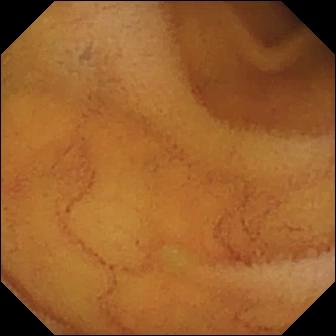Capsule endoscopy frame (small intestine), 336×336. Normal clean mucosa.